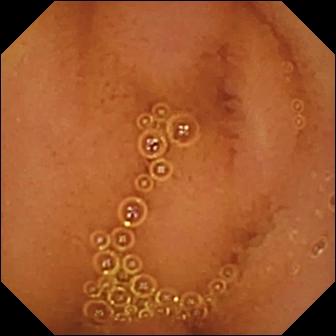Normal clean mucosa (336×336).